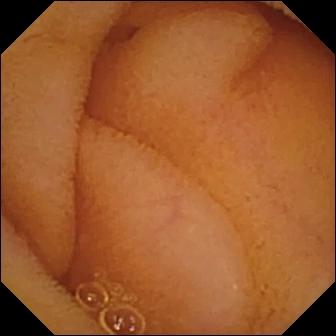Q: What does this capsule endoscopy snapshot show?
A: Normal clean mucosa.